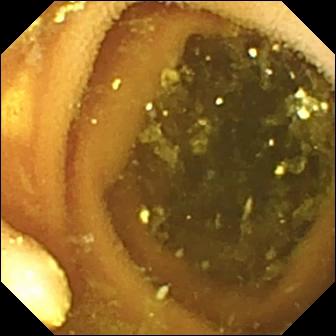- modality: video capsule endoscopy
- label: lymphangiectasia